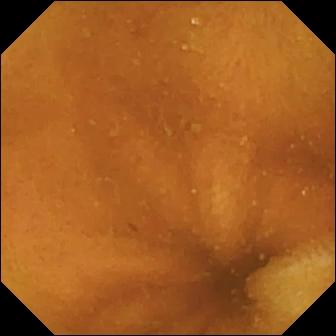Small-bowel capsule endoscopy snapshot showing normal clean mucosa.